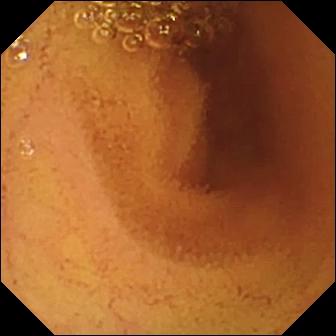VCE image of the small intestine showing normal clean mucosa.